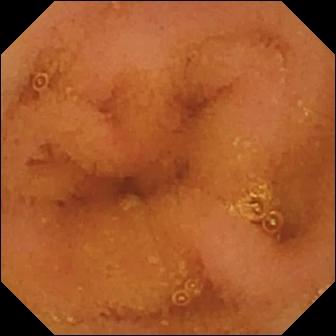Small-bowel capsule endoscopy still, small intestine
Impression: normal clean mucosa